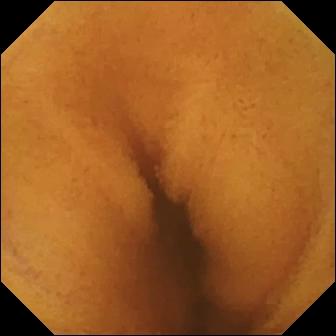- modality: video capsule endoscopy
- observation: normal clean mucosa